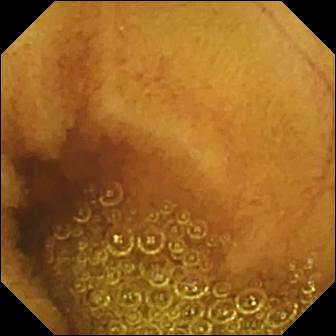Wireless capsule endoscopy view (small bowel). Normal clean mucosa.